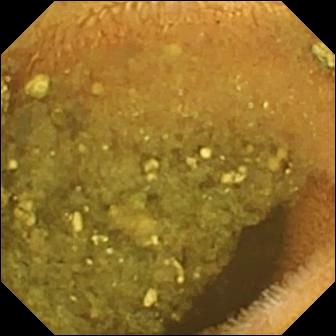Video capsule endoscopy frame
Impression: reduced mucosal view (content or bubbles obscuring the mucosa)